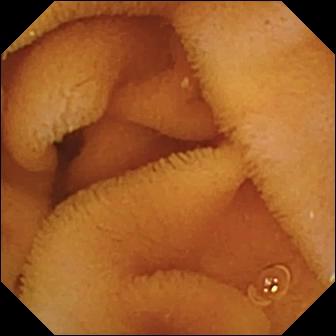- modality: small-bowel capsule endoscopy
- observation: normal clean mucosa